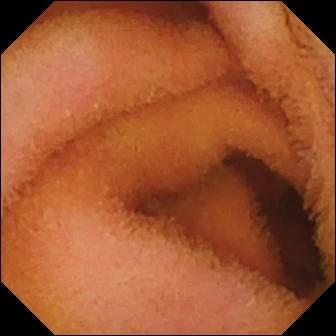Small-bowel capsule endoscopy — normal clean mucosa.